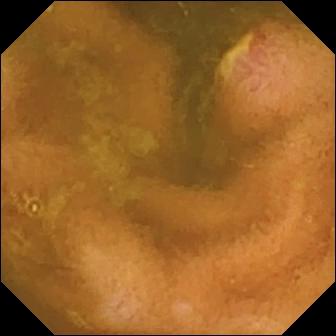Capsule endoscopy. Luminal finding. Finding: ulcer.